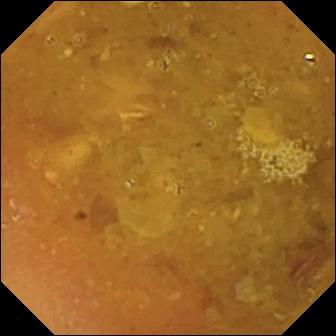Wireless capsule endoscopy frame (small intestine). Reduced mucosal view (content or bubbles obscuring the mucosa).